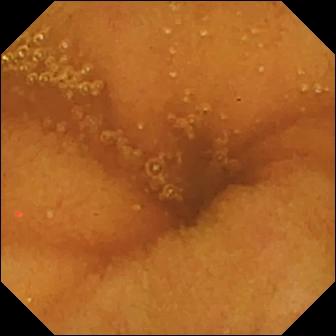{"modality": "wireless capsule endoscopy", "finding": "normal clean mucosa"}